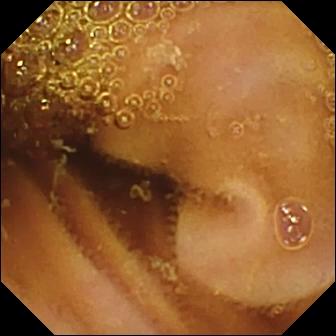VCE. Label: normal clean mucosa.